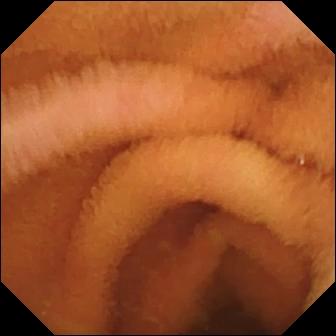{"modality": "VCE", "finding": "normal clean mucosa"}